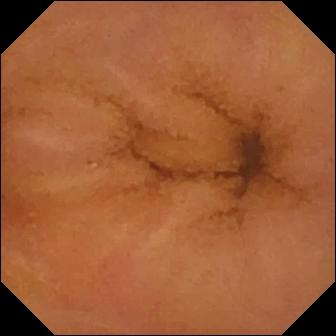PROCEDURE: Capsule endoscopy.
FINDINGS: Normal clean mucosa.